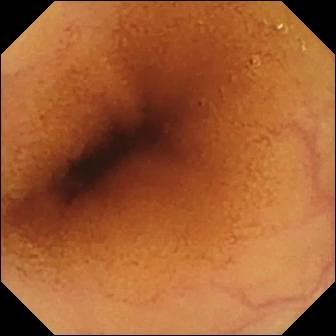Video capsule endoscopy. Small intestine. Luminal finding. Label: normal clean mucosa.